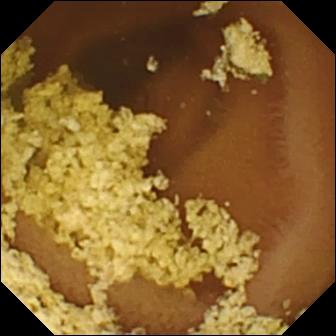Small-bowel capsule endoscopy view (small bowel). Normal clean mucosa.